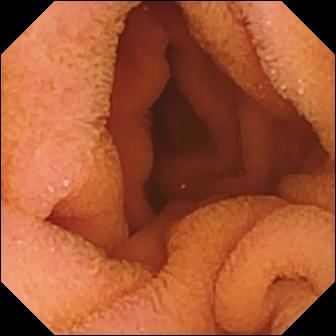Wireless capsule endoscopy. Luminal finding. Label: normal clean mucosa.